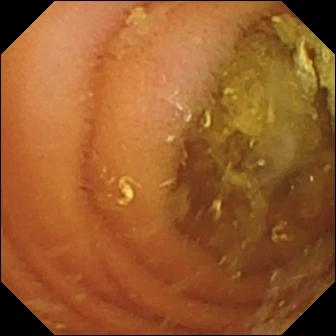Small-bowel capsule endoscopy. Luminal finding. Label: normal clean mucosa.